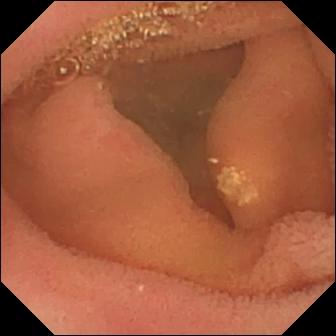Q: What does this VCE frame show?
A: Lymphangiectasia.